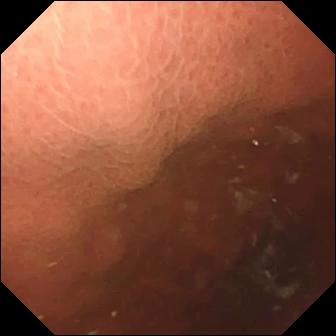PROCEDURE: Capsule endoscopy.
LOCATION: Pylorus region (where the capsule passes from the stomach into the small bowel).